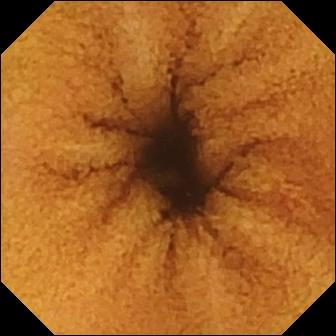modality: capsule endoscopy
segment: small intestine
label: normal clean mucosa